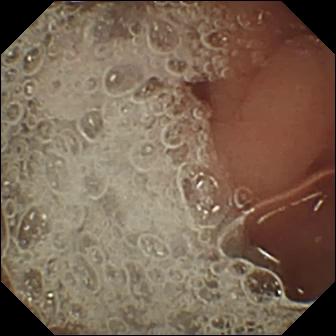This VCE still was taken in the pylorus region.